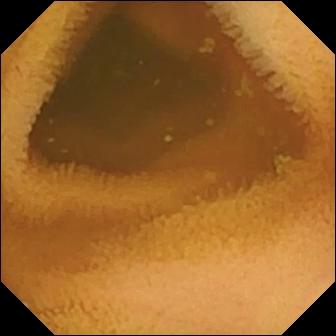Capsule endoscopy. Small intestine. Luminal finding. Finding: normal clean mucosa.